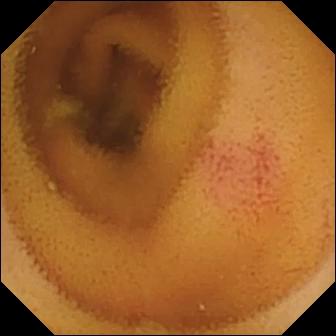{"modality": "WCE", "finding": "angiectasia"}